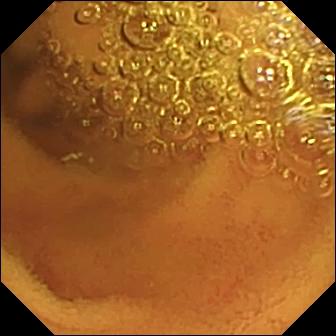{"modality": "WCE", "segment": "small intestine", "category": "luminal finding", "finding": "normal clean mucosa"}